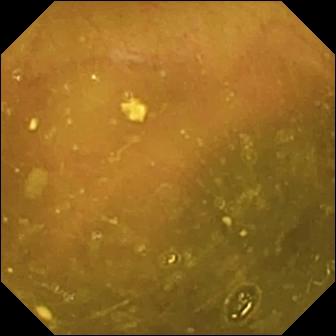- modality: WCE
- category: anatomical landmark
- video segment: ileo-cecal valve region (the transition from the small bowel to the large bowel)